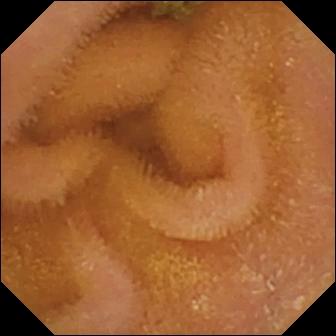{"modality": "video capsule endoscopy", "finding": "normal clean mucosa"}